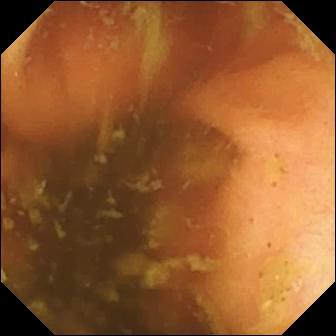Ileo-cecal valve region (the transition from the small bowel to the large bowel) — small-bowel capsule endoscopy snapshot.